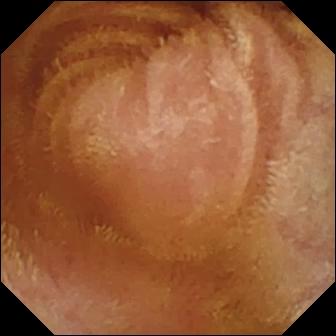This video capsule endoscopy view of the small intestine shows normal clean mucosa.